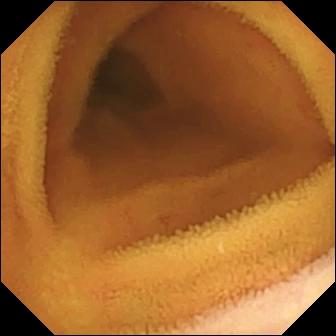WCE. Small bowel. Observation: normal clean mucosa.